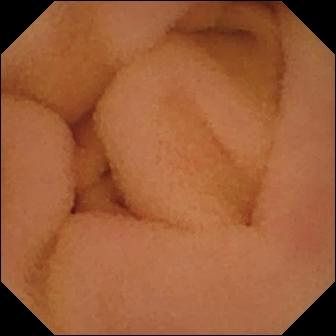modality: capsule endoscopy
segment: small intestine
finding: normal clean mucosa